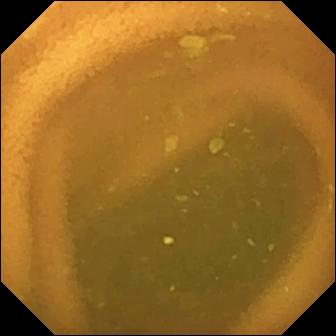Normal clean mucosa — wireless capsule endoscopy view of the small bowel.